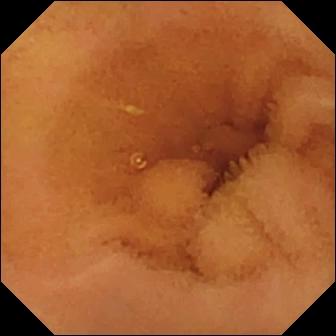Video capsule endoscopy frame, small intestine
Impression: normal clean mucosa